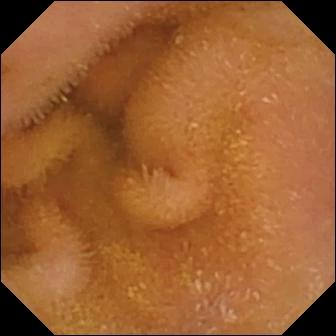modality: VCE; segment: small bowel; finding: normal clean mucosa